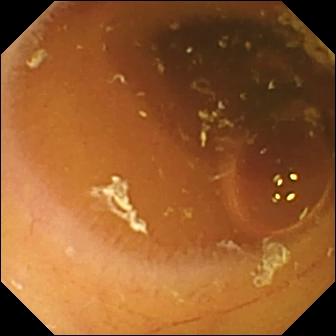modality: small-bowel capsule endoscopy
segment: small intestine
impression: normal clean mucosa